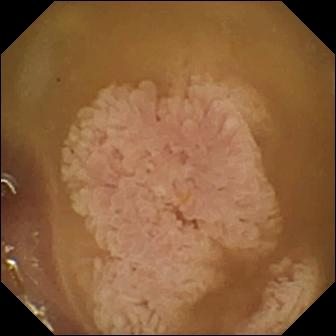- modality: capsule endoscopy
- location: ileo-cecal valve region (where the capsule passes from the small bowel into the large bowel)